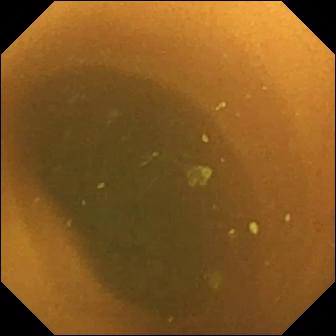VCE — normal clean mucosa.